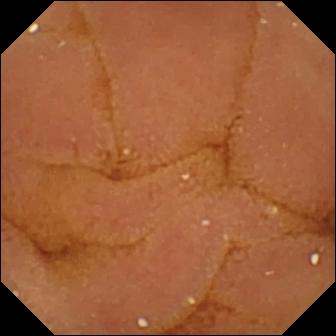This WCE view of the small intestine shows normal clean mucosa.